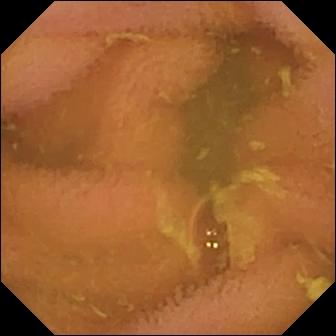Normal clean mucosa — small-bowel capsule endoscopy snapshot.